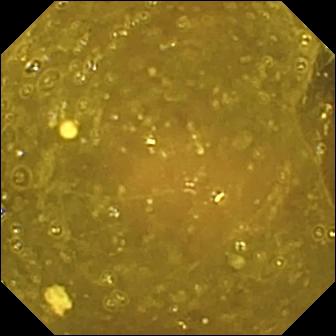This WCE still was taken in the ileo-cecal valve region (the transition from the small bowel to the large bowel).